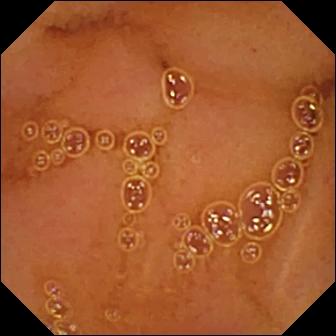{"modality": "wireless capsule endoscopy", "category": "luminal finding", "finding": "normal clean mucosa"}